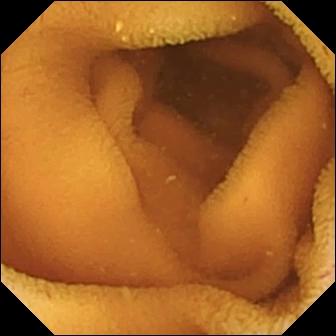Capsule endoscopy still (small bowel). Normal clean mucosa.